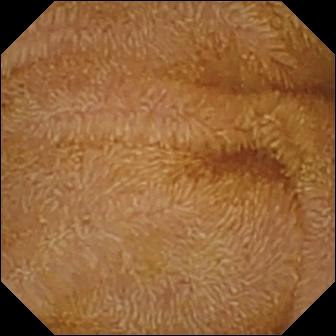modality: capsule endoscopy
segment: small bowel
finding: normal clean mucosa